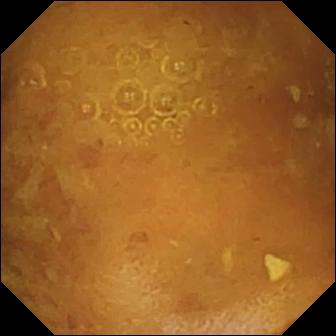Small-bowel capsule endoscopy still of the small intestine showing reduced mucosal view (content or bubbles obscuring the mucosa).